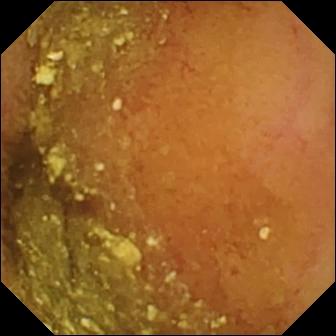- modality: wireless capsule endoscopy
- category: luminal finding
- finding: normal clean mucosa